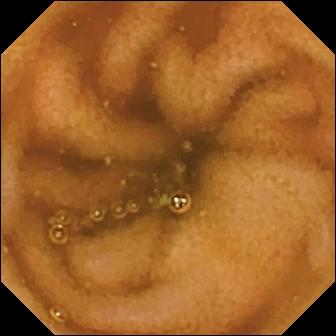- modality: WCE
- observation: normal clean mucosa